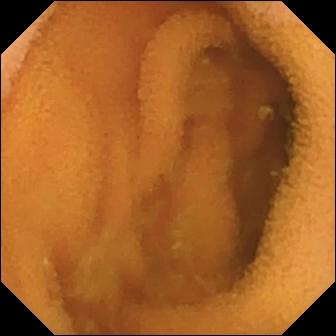Capsule endoscopy. Small bowel. Observation: normal clean mucosa.